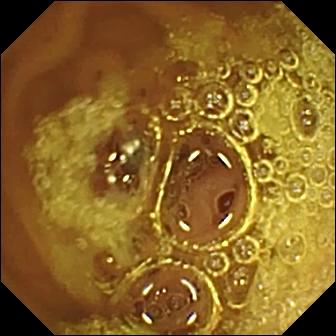Small-bowel capsule endoscopy still of the small bowel showing normal clean mucosa.